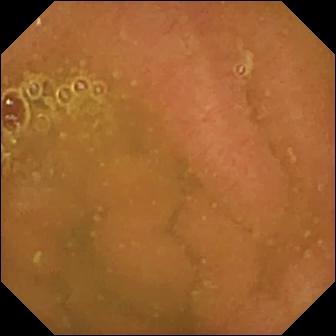PROCEDURE: WCE.
SEGMENT: Small intestine.
FINDINGS: Normal clean mucosa.